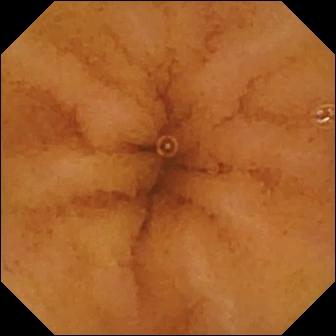VCE — normal clean mucosa.